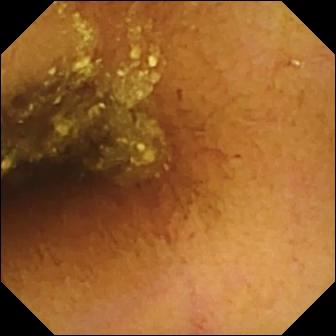- modality: video capsule endoscopy
- impression: normal clean mucosa